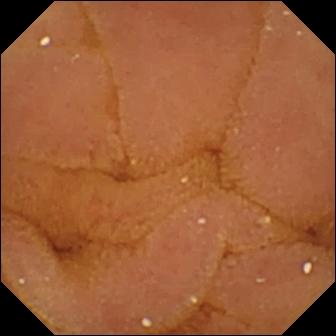Normal clean mucosa — capsule endoscopy view of the small bowel.